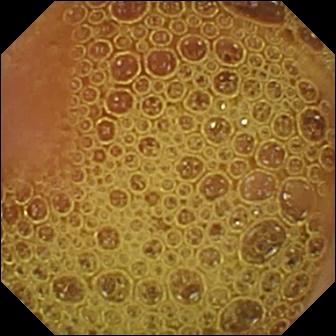modality: small-bowel capsule endoscopy | observation: normal clean mucosa